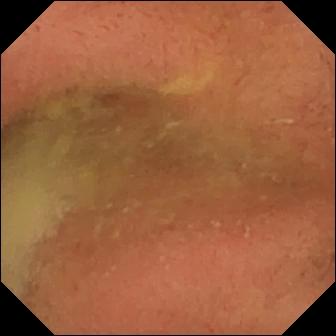Small-bowel capsule endoscopy — pylorus region (the junction between the stomach and the small bowel).